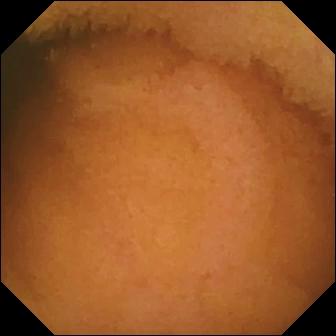Q: What does this VCE still show?
A: Normal clean mucosa.